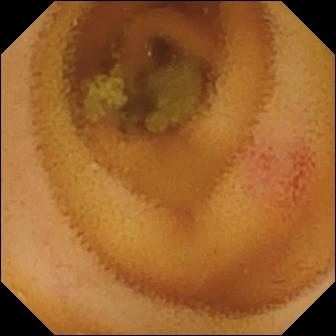Q: What does this capsule endoscopy image show?
A: Angiectasia.